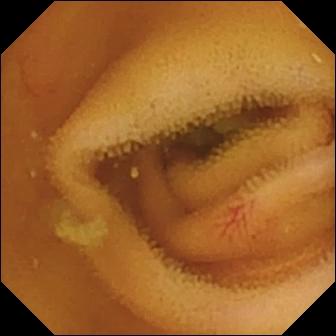PROCEDURE: VCE.
FINDINGS: Angiectasia.